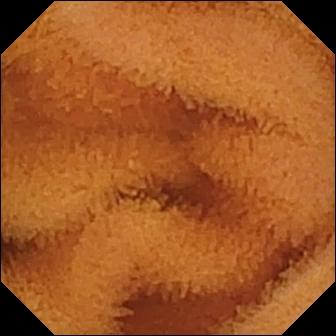Small-bowel capsule endoscopy image of the small intestine showing normal clean mucosa.